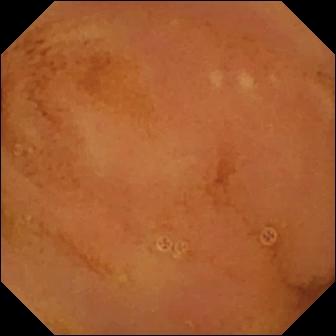PROCEDURE: VCE.
FINDINGS: Normal clean mucosa.